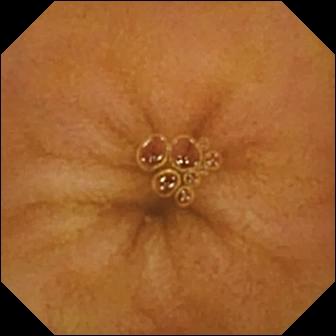{"modality": "capsule endoscopy", "segment": "small intestine", "finding": "normal clean mucosa"}